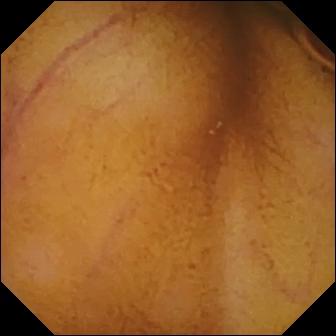Q: What does this wireless capsule endoscopy view show?
A: Normal clean mucosa.